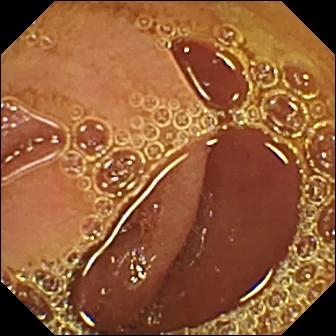PROCEDURE: Wireless capsule endoscopy.
SEGMENT: Small intestine.
FINDINGS: Normal clean mucosa.